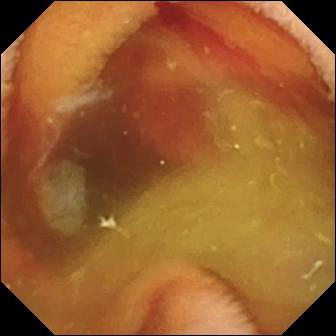Q: What does this wireless capsule endoscopy frame show?
A: Fresh blood in the lumen.